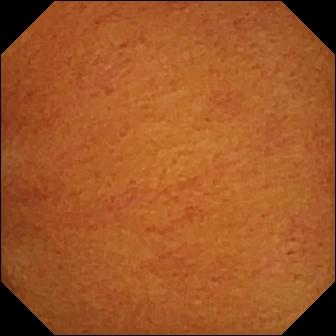PROCEDURE: Capsule endoscopy.
FINDINGS: Normal clean mucosa.